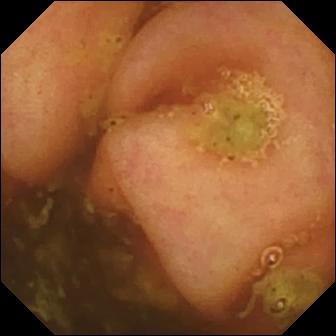WCE image taken in the ileo-cecal valve region (where the capsule passes from the small bowel into the large bowel).